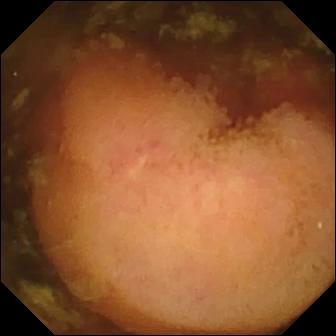Wireless capsule endoscopy frame. Polyp.